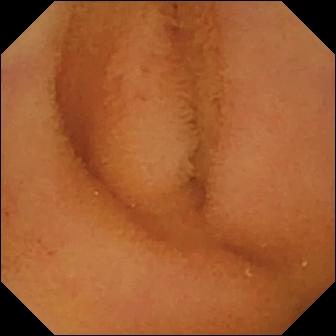Q: What does this capsule endoscopy view show?
A: Normal clean mucosa.